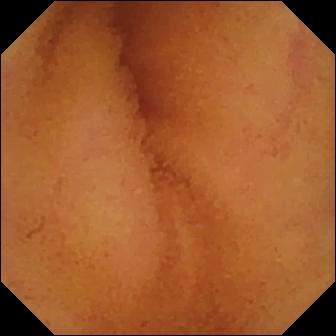Normal clean mucosa (336×336).